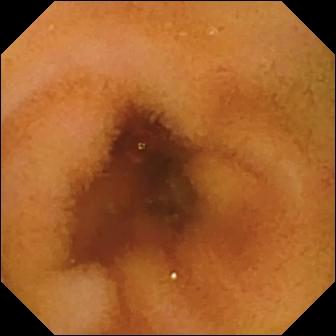Normal clean mucosa (336×336).